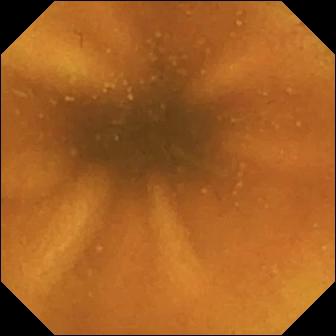Normal clean mucosa (336×336).